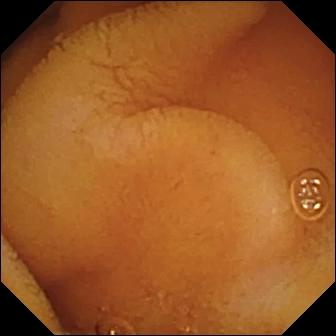{"modality": "wireless capsule endoscopy", "category": "luminal finding", "finding": "normal clean mucosa"}